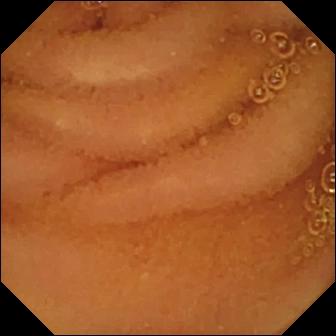Normal clean mucosa (336×336).